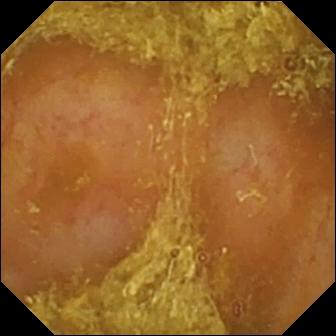Q: What does this wireless capsule endoscopy frame of the small bowel show?
A: Reduced mucosal view (content or bubbles obscuring the mucosa).